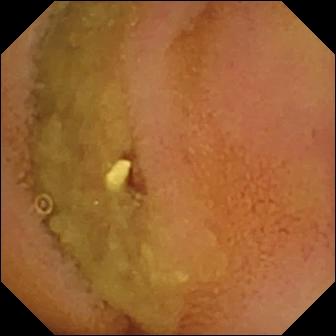Wireless capsule endoscopy image showing normal clean mucosa.